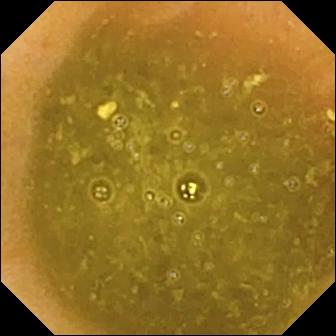Ileo-cecal valve region (the transition from the small bowel to the large bowel) — VCE still.